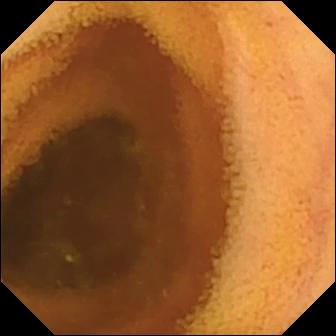Normal clean mucosa — WCE snapshot.